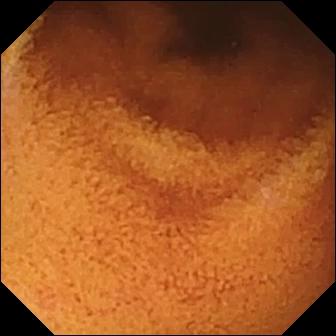- modality: small-bowel capsule endoscopy
- segment: small intestine
- observation: normal clean mucosa